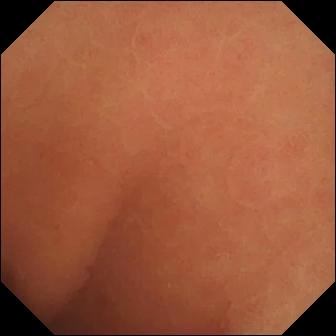Small-bowel capsule endoscopy view. Normal clean mucosa.